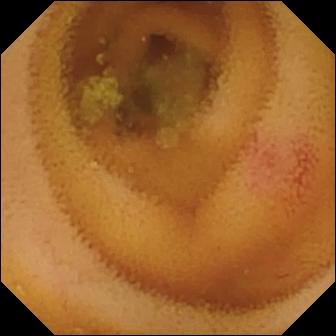{"modality": "wireless capsule endoscopy", "finding": "angiectasia"}